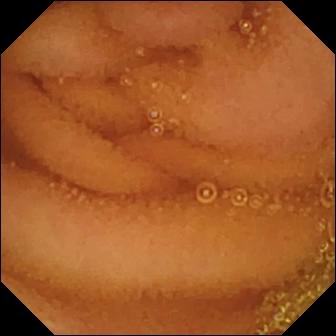PROCEDURE: VCE.
SEGMENT: Small intestine.
FINDINGS: Normal clean mucosa.